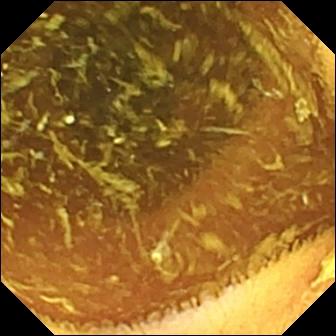Normal clean mucosa.